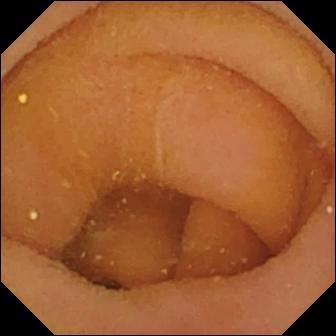WCE. Label: pylorus region (where the capsule passes from the stomach into the small bowel).